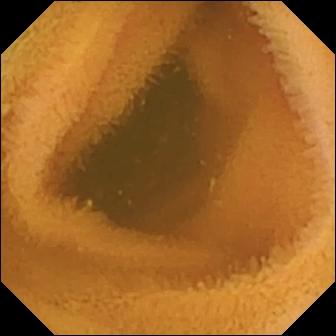Q: What does this wireless capsule endoscopy view of the small intestine show?
A: Normal clean mucosa.